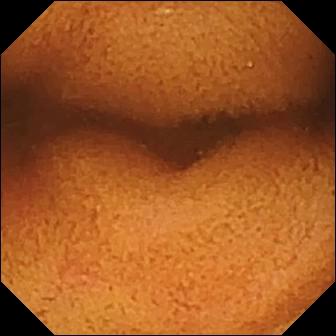modality: capsule endoscopy
label: normal clean mucosa